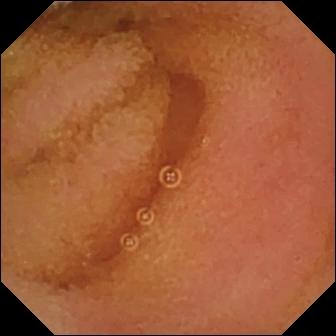Wireless capsule endoscopy still showing normal clean mucosa.